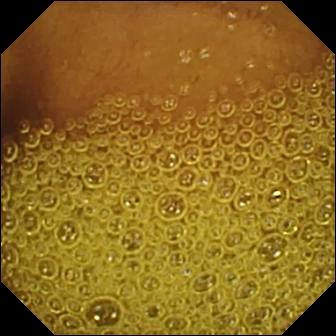WCE view
Observation: normal clean mucosa